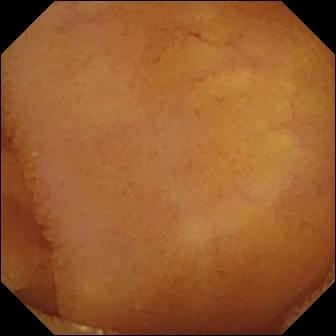- modality: VCE
- category: luminal finding
- observation: normal clean mucosa